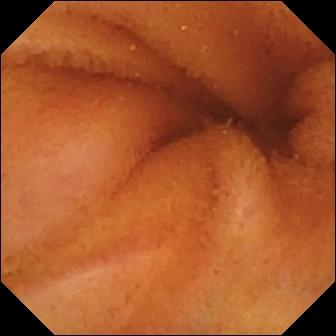PROCEDURE: VCE.
SEGMENT: Small bowel.
FINDINGS: Normal clean mucosa.